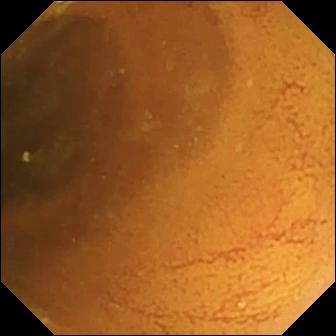Wireless capsule endoscopy snapshot. Normal clean mucosa.